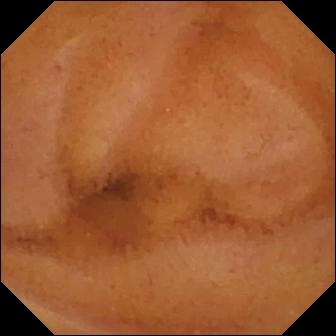VCE — normal clean mucosa.